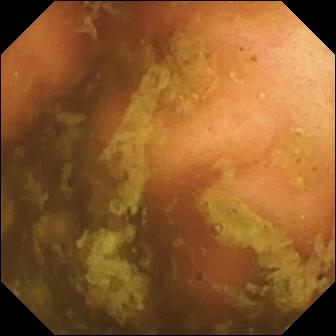Capsule endoscopy snapshot taken in the ileo-cecal valve region (where the capsule passes from the small bowel into the large bowel).